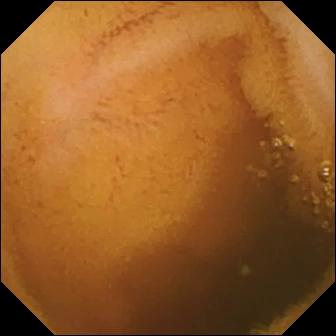VCE view
Finding: normal clean mucosa